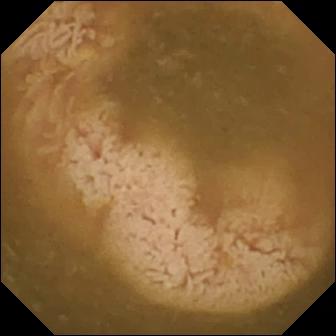Video capsule endoscopy. Location: ileo-cecal valve region (the transition from the small bowel to the large bowel).